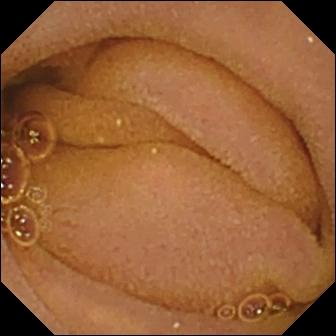Wireless capsule endoscopy frame
Observation: normal clean mucosa